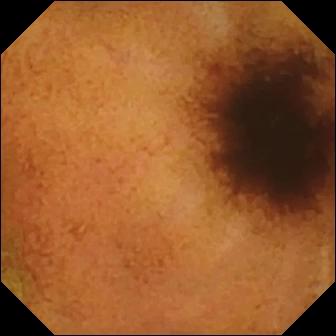PROCEDURE: Wireless capsule endoscopy.
FINDINGS: Normal clean mucosa.